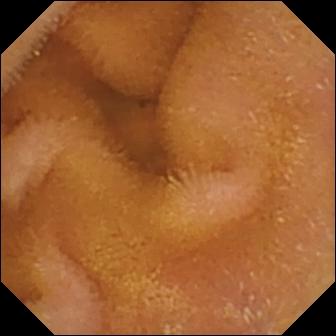Q: What does this video capsule endoscopy view show?
A: Normal clean mucosa.